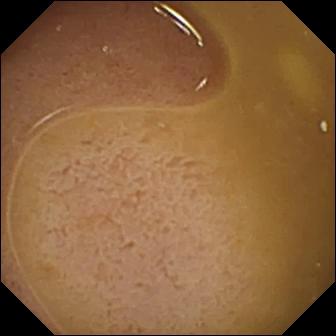Video capsule endoscopy image taken in the ileo-cecal valve region (the transition from the small bowel to the large bowel).